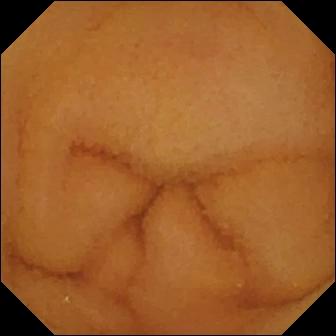Wireless capsule endoscopy. Impression: normal clean mucosa.